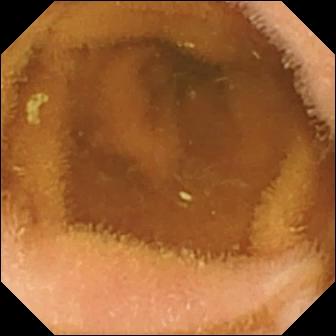VCE — normal clean mucosa.